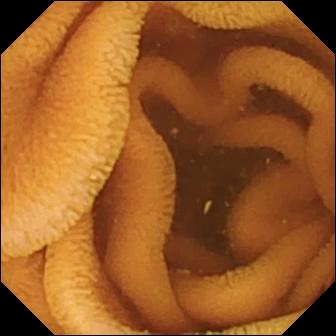PROCEDURE: VCE.
SEGMENT: Small bowel.
FINDINGS: Normal clean mucosa.